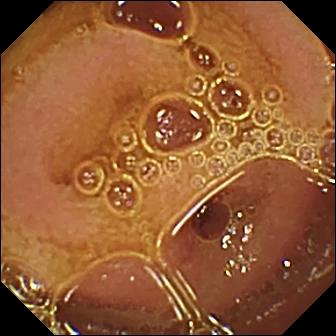Small-bowel capsule endoscopy — normal clean mucosa.